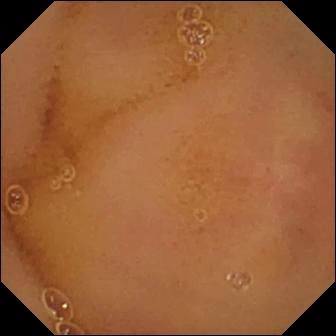modality: video capsule endoscopy
segment: small bowel
finding: normal clean mucosa